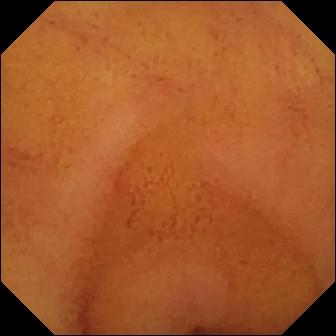{"modality": "small-bowel capsule endoscopy", "category": "luminal finding", "finding": "normal clean mucosa"}